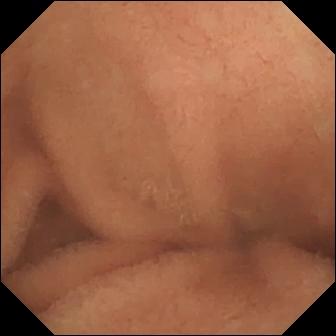PROCEDURE: Capsule endoscopy.
SEGMENT: Small intestine.
FINDINGS: Normal clean mucosa.